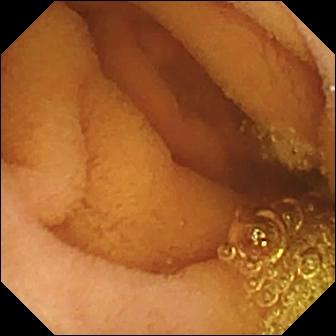Wireless capsule endoscopy still showing normal clean mucosa.